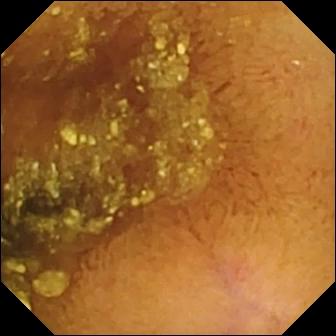VCE snapshot
Label: normal clean mucosa